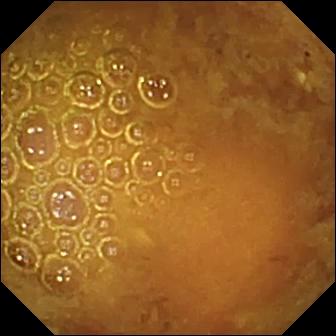Reduced mucosal view (content or bubbles obscuring the mucosa) — wireless capsule endoscopy still.